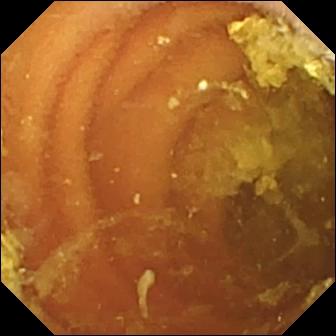- modality: capsule endoscopy
- impression: normal clean mucosa